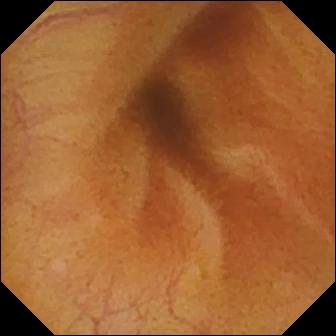VCE image, small intestine
Label: normal clean mucosa